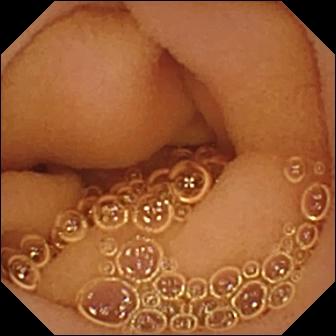Normal clean mucosa (336×336).